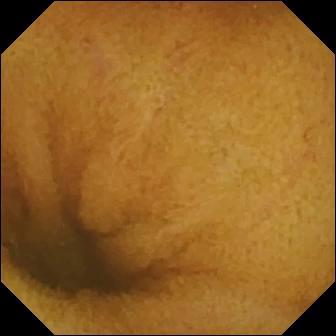- modality: WCE
- category: luminal finding
- observation: normal clean mucosa